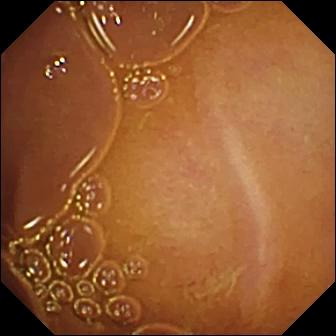VCE — normal clean mucosa.